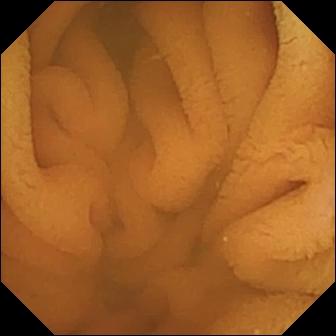VCE — normal clean mucosa.